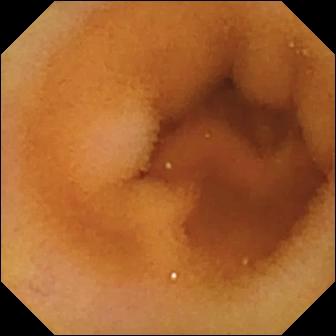WCE image, small bowel
Observation: normal clean mucosa